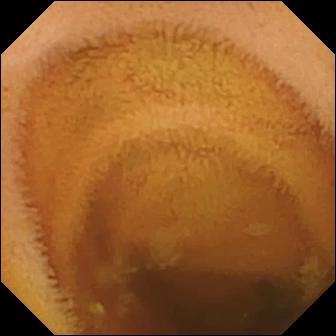modality: wireless capsule endoscopy
segment: small bowel
impression: normal clean mucosa